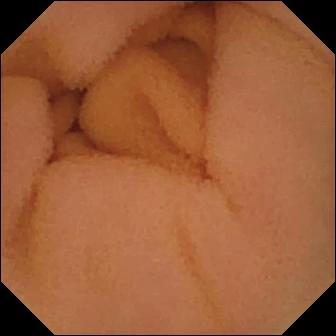Normal clean mucosa — video capsule endoscopy view of the small bowel.